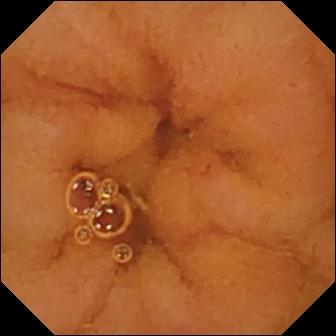- modality: small-bowel capsule endoscopy
- segment: small bowel
- impression: normal clean mucosa